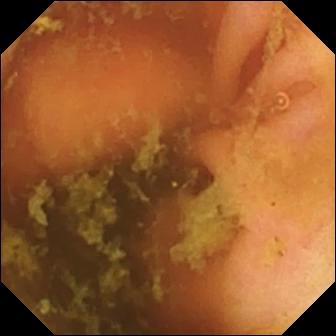This video capsule endoscopy frame was taken in the ileo-cecal valve region (the transition from the small bowel to the large bowel).